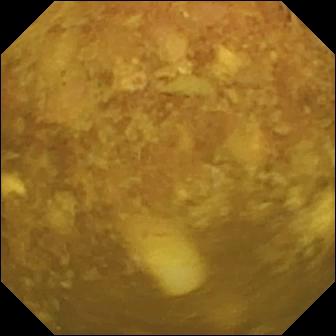Reduced mucosal view (content or bubbles obscuring the mucosa).